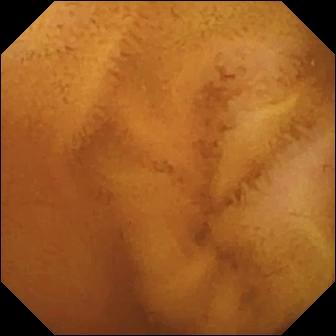{"modality": "wireless capsule endoscopy", "segment": "small bowel", "finding": "normal clean mucosa"}